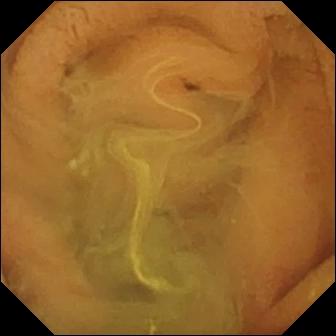VCE still of the small bowel showing normal clean mucosa.